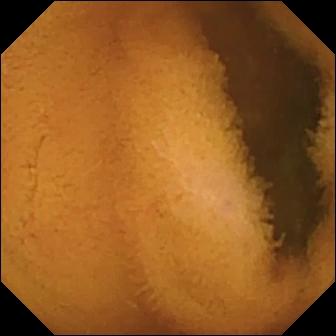Normal clean mucosa — video capsule endoscopy view.